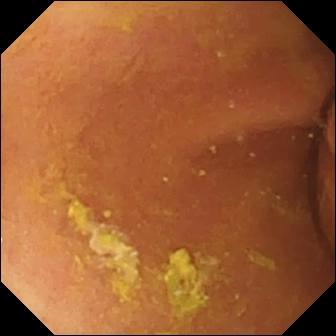Foreign body (e.g. retained capsule, tablet residue) (336×336).